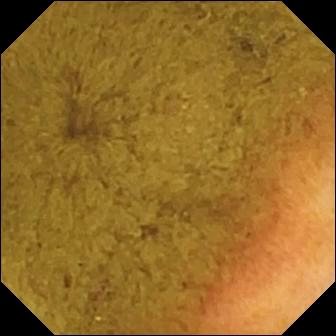- modality: capsule endoscopy
- location: ileo-cecal valve region